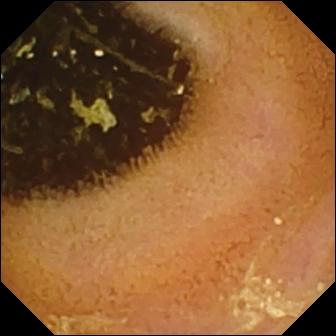This video capsule endoscopy snapshot shows normal clean mucosa.